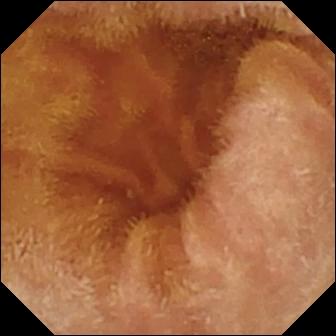WCE still of the small bowel showing normal clean mucosa.